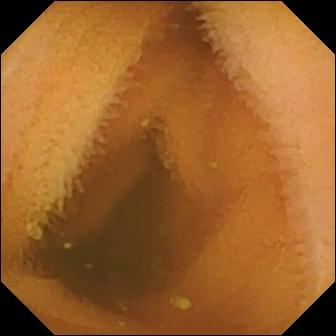VCE view. Normal clean mucosa.